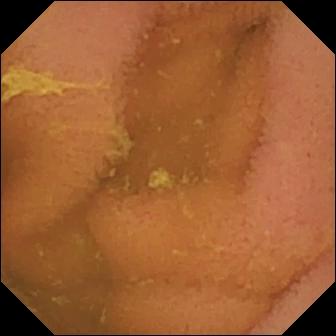Q: What does this VCE image show?
A: Normal clean mucosa.